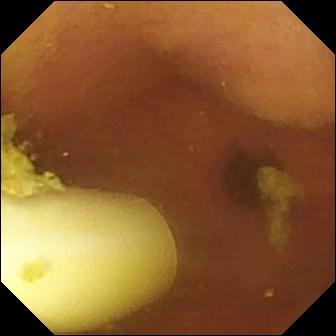Capsule endoscopy still, 336×336. Foreign body (e.g. retained capsule, tablet residue).